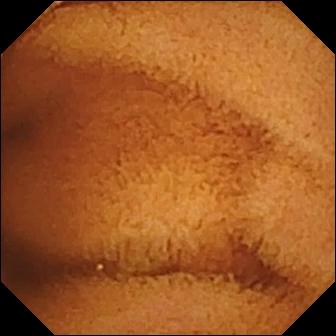modality: video capsule endoscopy
category: luminal finding
finding: normal clean mucosa